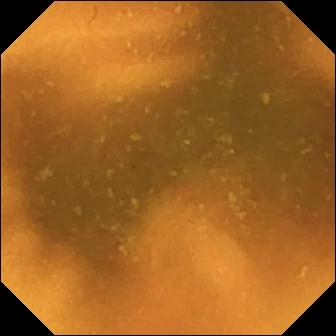Q: What does this WCE snapshot show?
A: Normal clean mucosa.